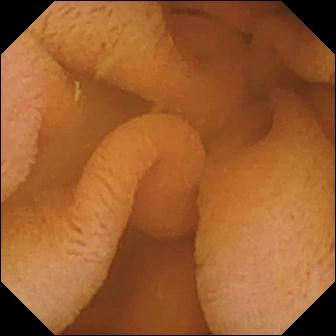- modality: VCE
- segment: small intestine
- impression: normal clean mucosa